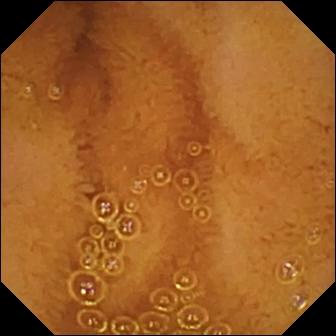modality: wireless capsule endoscopy | impression: normal clean mucosa